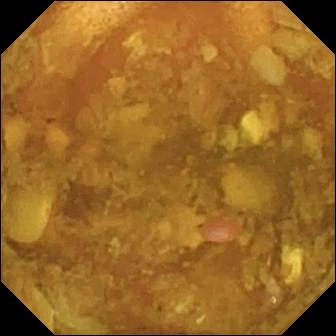modality: small-bowel capsule endoscopy | finding: reduced mucosal view (content or bubbles obscuring the mucosa)